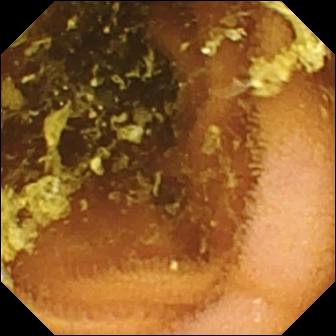Normal clean mucosa.